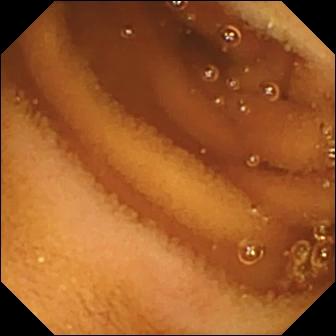Capsule endoscopy. Luminal finding. Finding: normal clean mucosa.